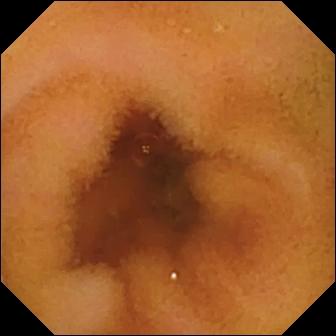PROCEDURE: Capsule endoscopy.
SEGMENT: Small bowel.
FINDINGS: Normal clean mucosa.